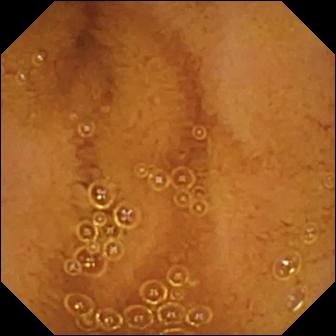Normal clean mucosa — WCE frame.